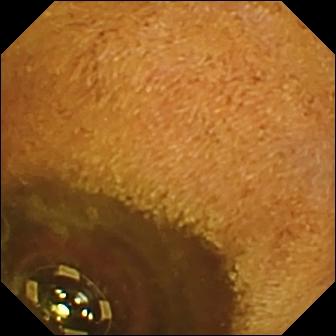Q: What does this small-bowel capsule endoscopy snapshot show?
A: Foreign body (e.g. retained capsule, tablet residue).